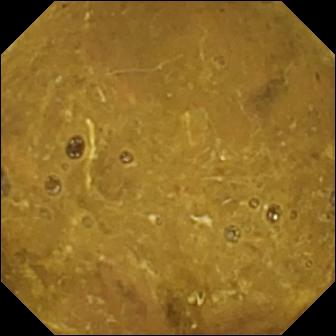- modality: VCE
- video segment: ileo-cecal valve region (where the capsule passes from the small bowel into the large bowel)